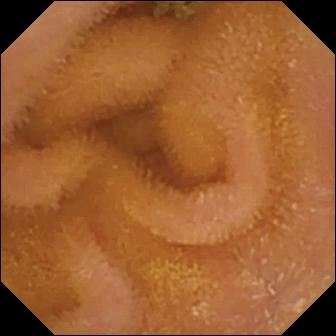Small-bowel capsule endoscopy image. Normal clean mucosa.